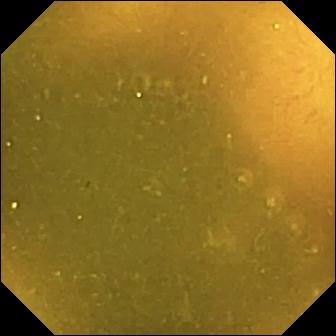- modality: VCE
- label: ileo-cecal valve region (the transition from the small bowel to the large bowel)